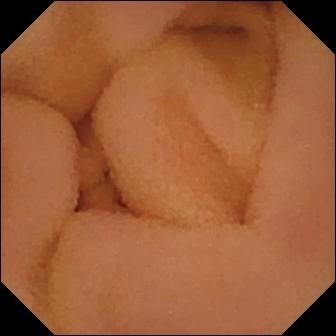Q: What does this video capsule endoscopy still show?
A: Normal clean mucosa.